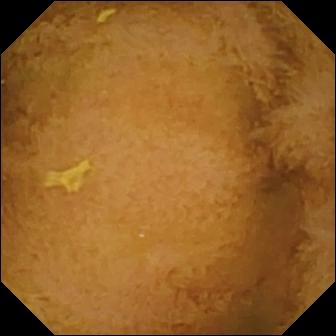{"modality": "video capsule endoscopy", "finding": "normal clean mucosa"}